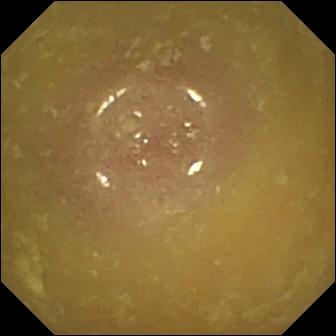Ileo-cecal valve region.